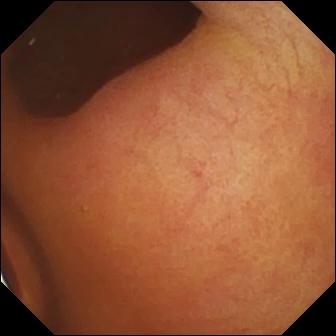WCE — foreign body (e.g. retained capsule, tablet residue).